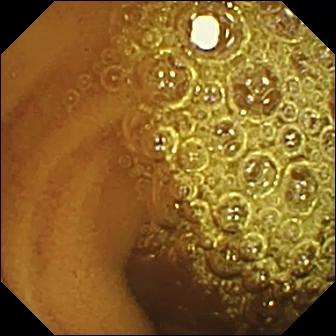WCE image showing normal clean mucosa.